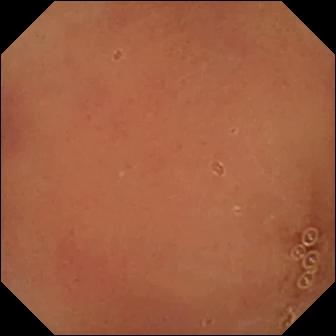Q: What does this capsule endoscopy frame of the small bowel show?
A: Normal clean mucosa.